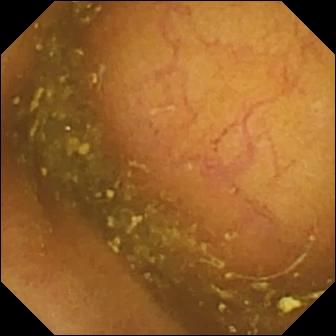modality: wireless capsule endoscopy | category: anatomical landmark | label: ileo-cecal valve region